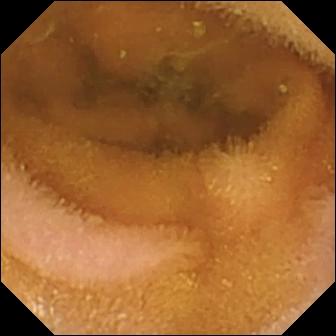Normal clean mucosa — capsule endoscopy image of the small intestine.